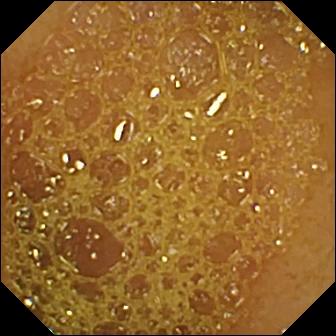This WCE frame was taken in the ileo-cecal valve region (where the capsule passes from the small bowel into the large bowel).